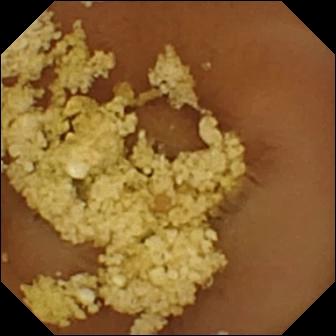Q: What does this capsule endoscopy image show?
A: Normal clean mucosa.